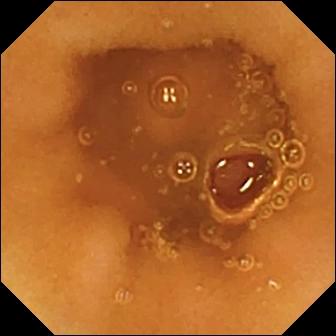Normal clean mucosa — video capsule endoscopy image.